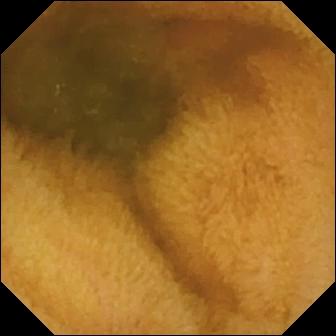WCE. Impression: normal clean mucosa.